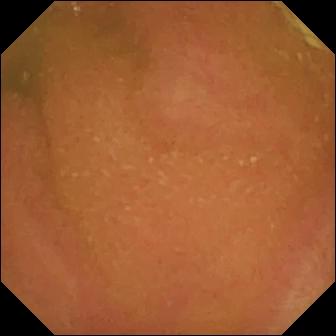Video capsule endoscopy snapshot (small bowel). Normal clean mucosa.